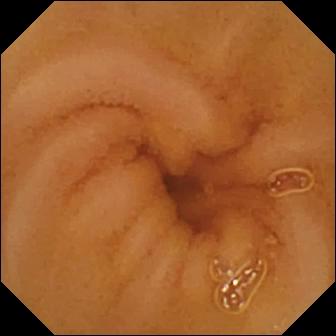Small-bowel capsule endoscopy — normal clean mucosa.